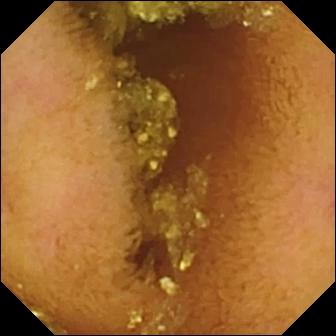{"modality": "small-bowel capsule endoscopy", "finding": "normal clean mucosa"}